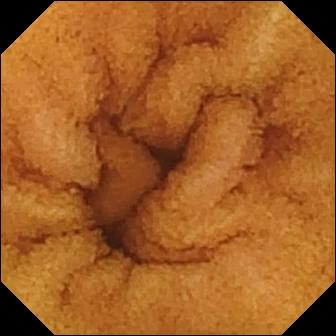Normal clean mucosa — video capsule endoscopy frame.